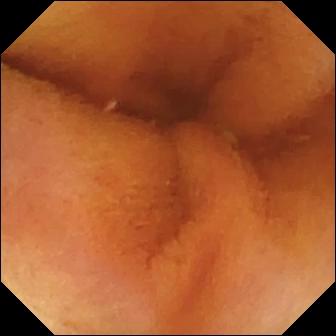Capsule endoscopy. Luminal finding. Label: normal clean mucosa.